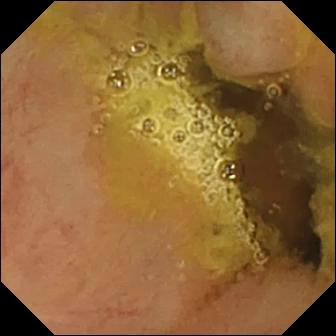- modality: small-bowel capsule endoscopy
- location: ileo-cecal valve region (where the capsule passes from the small bowel into the large bowel)